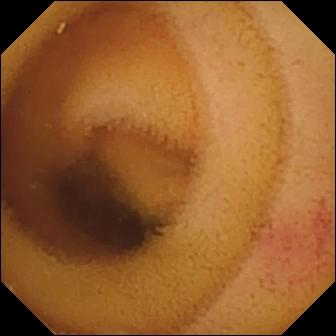Wireless capsule endoscopy snapshot. Angiectasia.